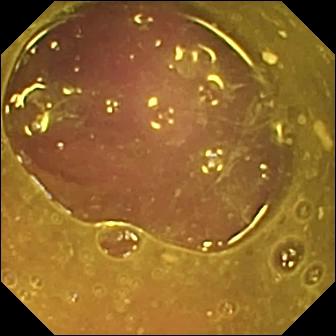Small-bowel capsule endoscopy still
Label: reduced mucosal view (content or bubbles obscuring the mucosa)